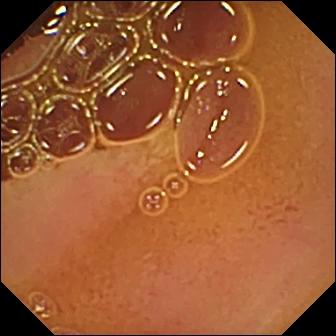This WCE frame of the small intestine shows normal clean mucosa.